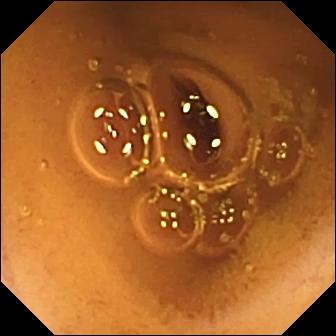VCE still of the small bowel showing normal clean mucosa.